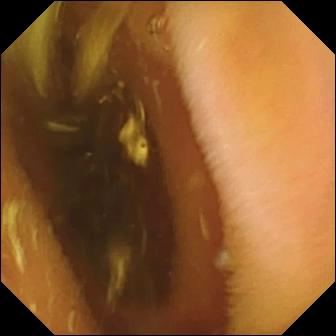Video capsule endoscopy still. Taken in the pylorus region (where the capsule passes from the stomach into the small bowel).